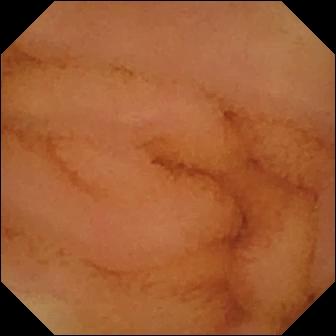Capsule endoscopy image, small bowel
Impression: normal clean mucosa